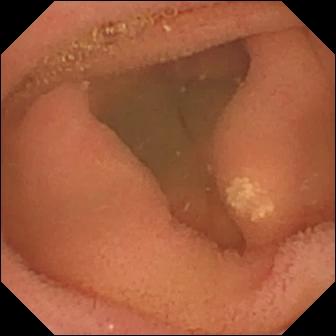Wireless capsule endoscopy view
Finding: lymphangiectasia